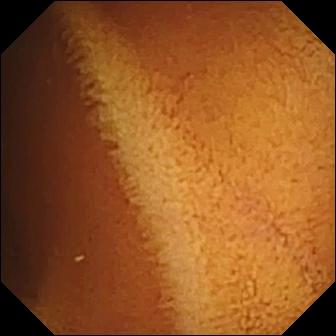Small-bowel capsule endoscopy — normal clean mucosa.